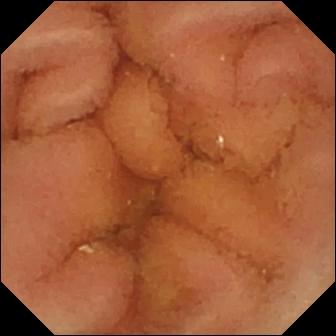Video capsule endoscopy. Small bowel. Luminal finding. Label: normal clean mucosa.